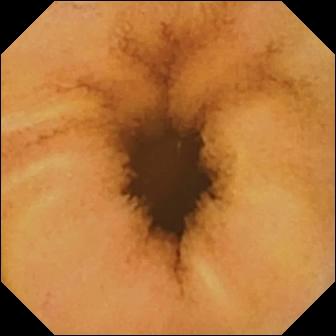Video capsule endoscopy — normal clean mucosa.